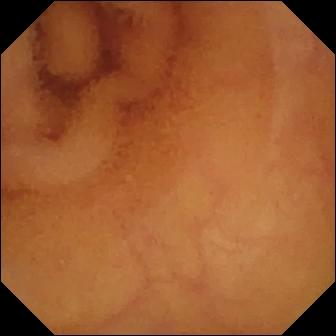Video capsule endoscopy — normal clean mucosa.